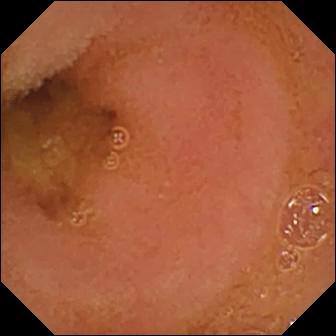PROCEDURE: Small-bowel capsule endoscopy.
FINDINGS: Normal clean mucosa.